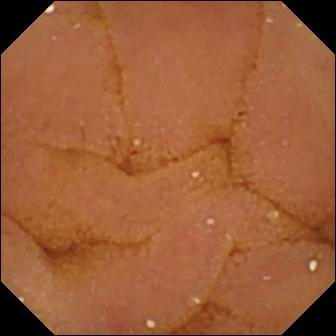Normal clean mucosa.